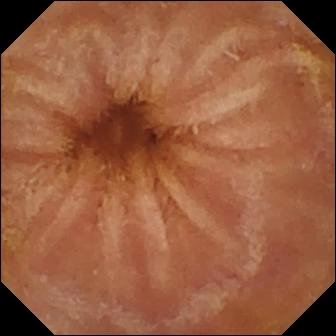Capsule endoscopy view, 336×336. Normal clean mucosa.